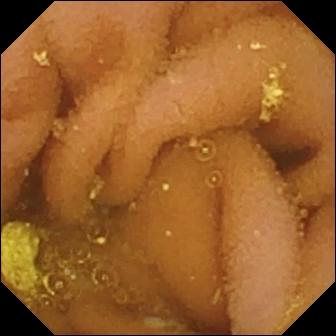This video capsule endoscopy snapshot shows lymphangiectasia.